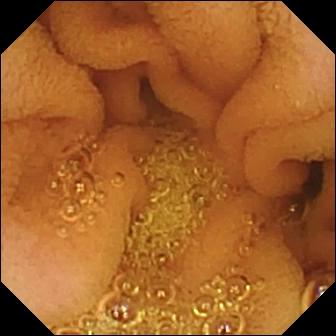PROCEDURE: Wireless capsule endoscopy.
SEGMENT: Small bowel.
FINDINGS: Normal clean mucosa.